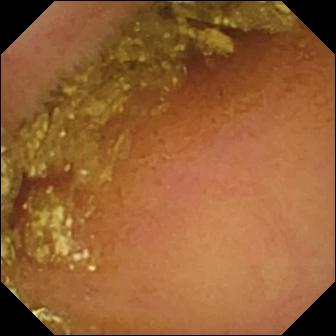This video capsule endoscopy snapshot of the small intestine shows normal clean mucosa.